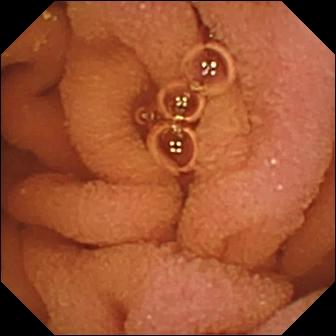Normal clean mucosa — wireless capsule endoscopy view of the small intestine.